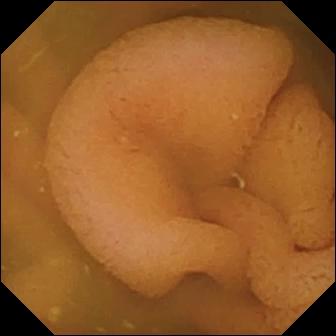Normal clean mucosa — WCE image of the small bowel.